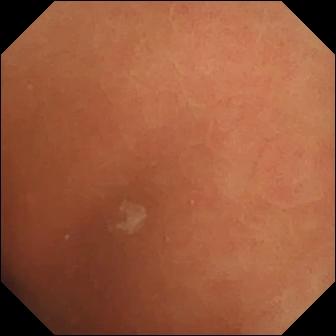modality: VCE; observation: normal clean mucosa